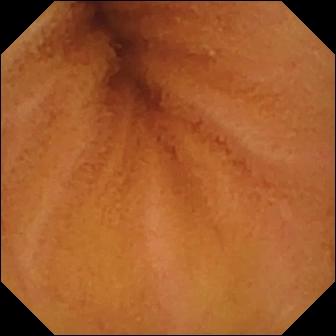Normal clean mucosa (336×336).